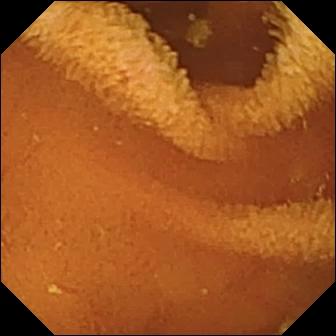PROCEDURE: VCE.
SEGMENT: Small intestine.
FINDINGS: Normal clean mucosa.